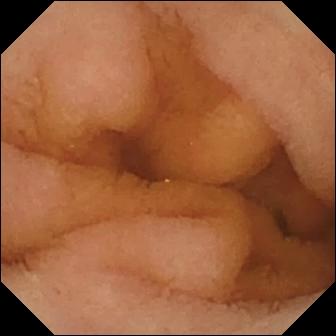modality: video capsule endoscopy; impression: normal clean mucosa